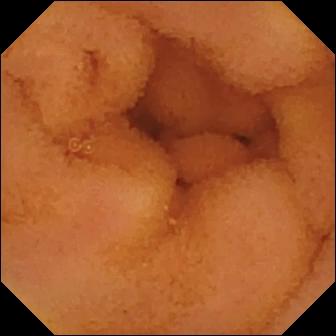modality: video capsule endoscopy; segment: small intestine; label: normal clean mucosa